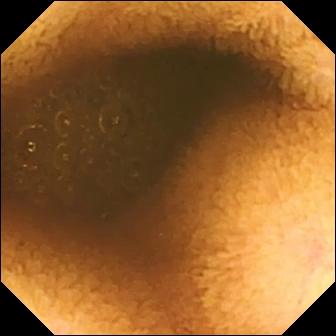Capsule endoscopy snapshot
Finding: reduced mucosal view (content or bubbles obscuring the mucosa)